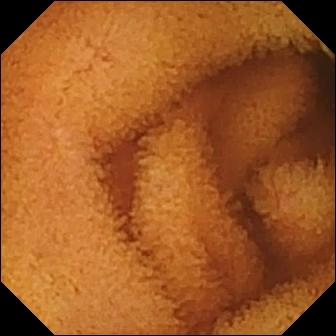PROCEDURE: WCE.
SEGMENT: Small bowel.
FINDINGS: Normal clean mucosa.